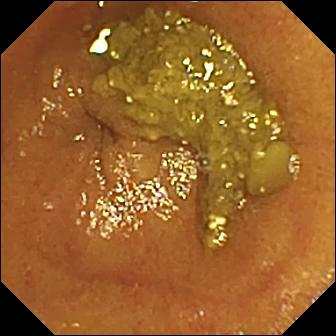VCE view
Position: ileo-cecal valve region (the transition from the small bowel to the large bowel)